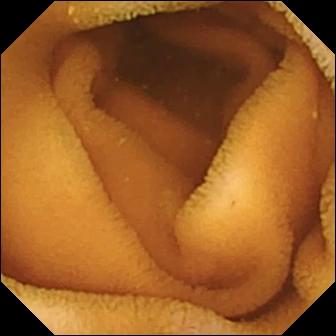Q: What does this capsule endoscopy still show?
A: Normal clean mucosa.